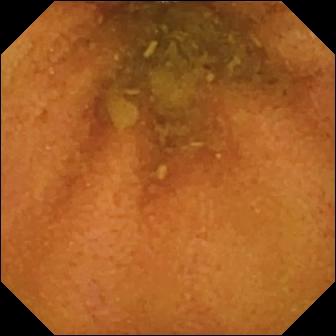WCE still (small intestine). Normal clean mucosa.